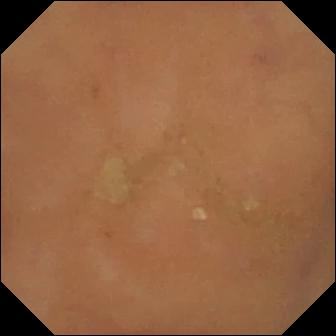Small-bowel capsule endoscopy view
Finding: normal clean mucosa